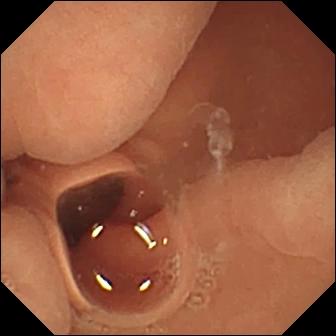- modality: small-bowel capsule endoscopy
- label: normal clean mucosa